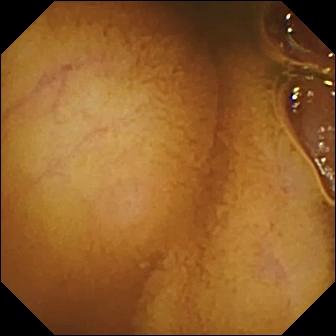Normal clean mucosa — WCE image of the small bowel.